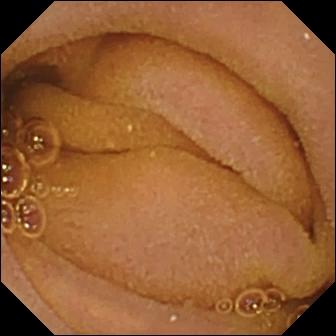- modality: small-bowel capsule endoscopy
- segment: small bowel
- impression: normal clean mucosa